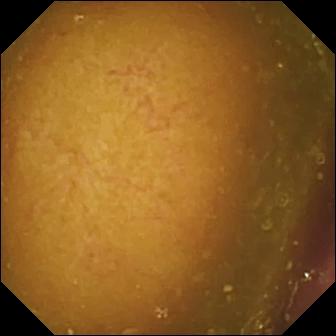modality: video capsule endoscopy
finding: reduced mucosal view (content or bubbles obscuring the mucosa)